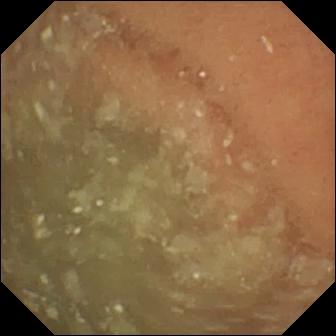Capsule endoscopy. Small intestine. Label: normal clean mucosa.